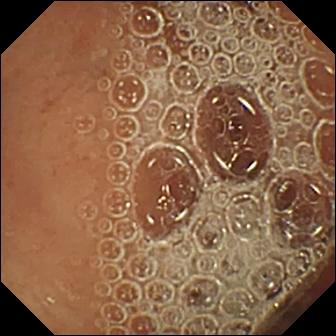- modality: small-bowel capsule endoscopy
- finding: normal clean mucosa